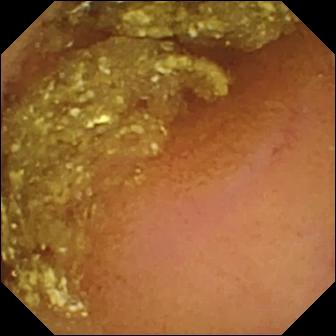Capsule endoscopy. Impression: normal clean mucosa.